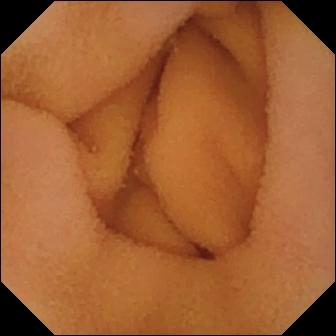modality: WCE; segment: small intestine; category: luminal finding; impression: normal clean mucosa